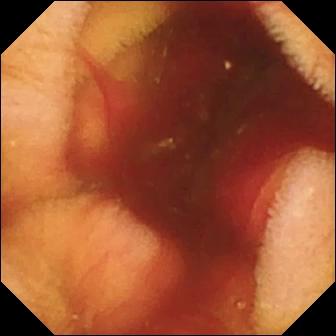{"modality": "wireless capsule endoscopy", "finding": "fresh blood in the lumen"}